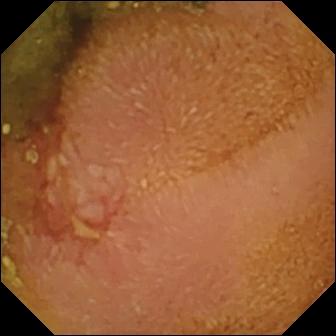This capsule endoscopy still shows erosion.